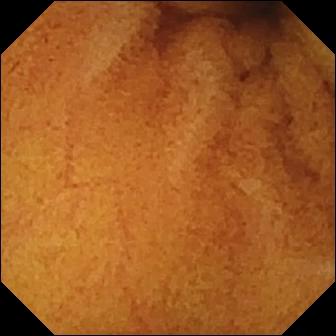- modality: wireless capsule endoscopy
- impression: normal clean mucosa